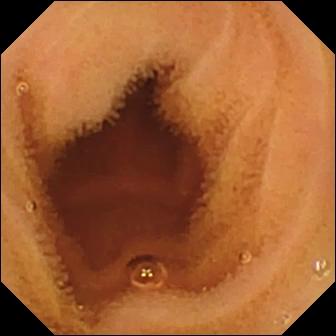Small-bowel capsule endoscopy snapshot of the small intestine showing normal clean mucosa.